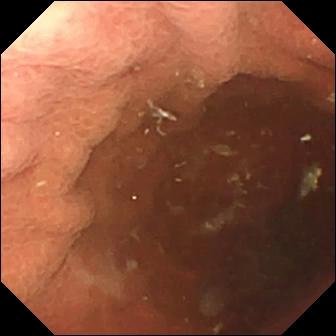Pylorus region — capsule endoscopy view.